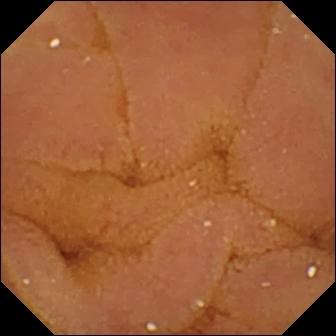Video capsule endoscopy. Impression: normal clean mucosa.